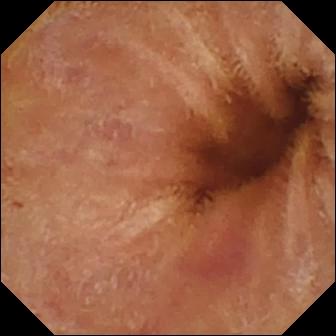Normal clean mucosa.